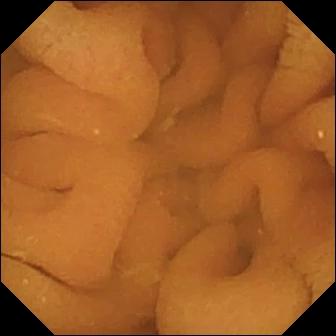This small-bowel capsule endoscopy view shows normal clean mucosa.